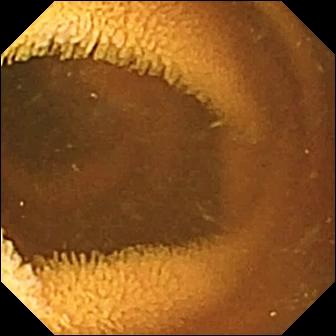Normal clean mucosa — small-bowel capsule endoscopy frame.